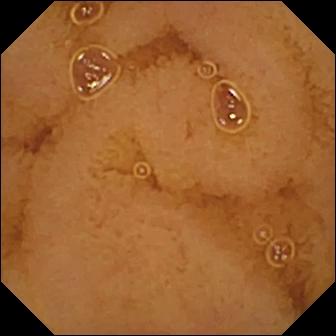PROCEDURE: Wireless capsule endoscopy.
FINDINGS: Normal clean mucosa.